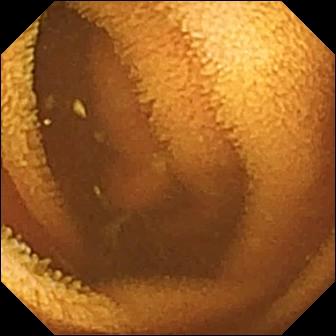Q: What does this WCE view show?
A: Normal clean mucosa.